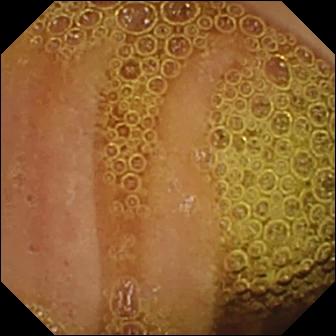Wireless capsule endoscopy image, small intestine
Impression: normal clean mucosa